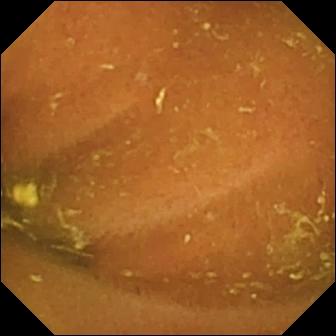Capsule endoscopy snapshot. Taken in the ileo-cecal valve region (where the capsule passes from the small bowel into the large bowel).